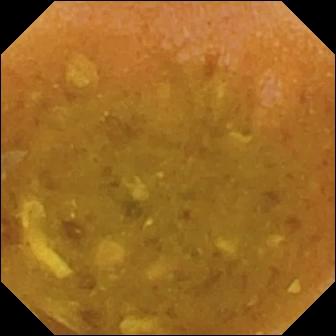- modality: small-bowel capsule endoscopy
- segment: small bowel
- category: luminal finding
- label: reduced mucosal view (content or bubbles obscuring the mucosa)